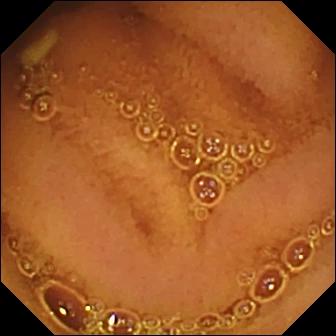Normal clean mucosa — VCE frame.